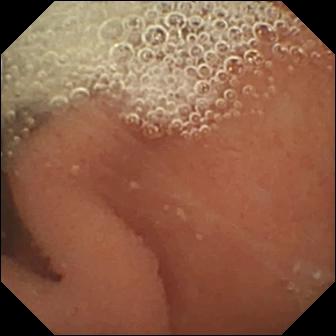{"modality": "WCE", "segment": "small bowel", "finding": "normal clean mucosa"}